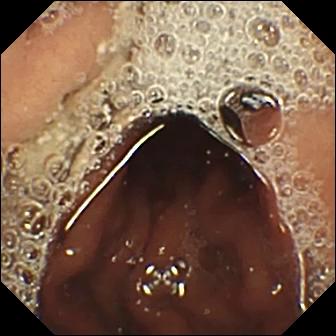Capsule endoscopy — pylorus region (the junction between the stomach and the small bowel).